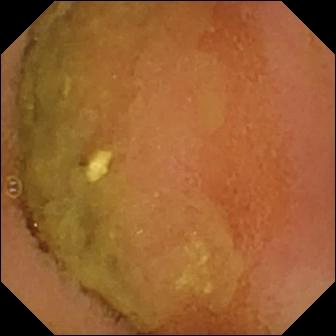WCE — normal clean mucosa.